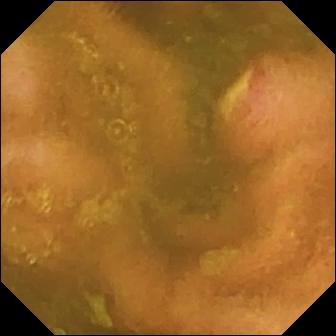Wireless capsule endoscopy still showing ulcer.